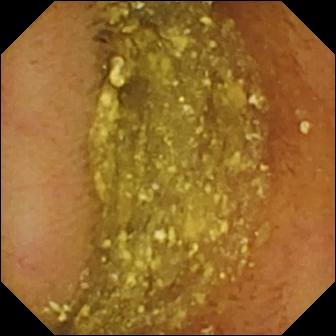Wireless capsule endoscopy snapshot. Normal clean mucosa.